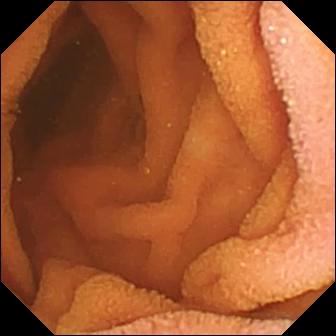Normal clean mucosa.